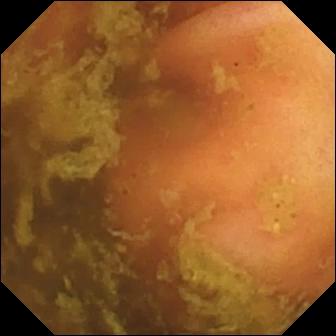Capsule endoscopy — ileo-cecal valve region (the transition from the small bowel to the large bowel).